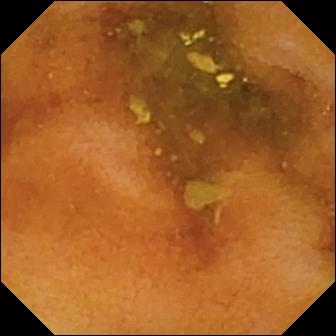Wireless capsule endoscopy — normal clean mucosa.